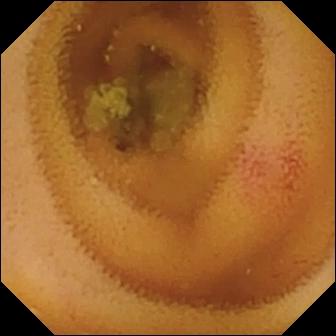Angiectasia.